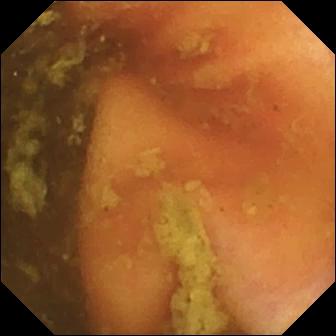- modality: wireless capsule endoscopy
- location: ileo-cecal valve region (the transition from the small bowel to the large bowel)